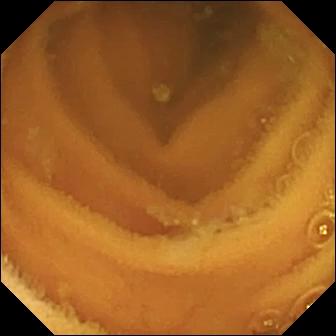Small-bowel capsule endoscopy view (small bowel), 336×336. Normal clean mucosa.